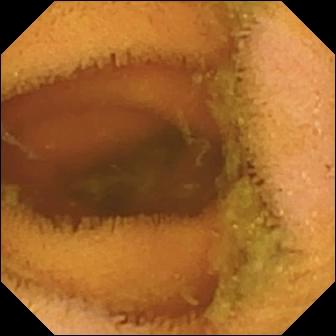Q: What does this wireless capsule endoscopy frame show?
A: Normal clean mucosa.